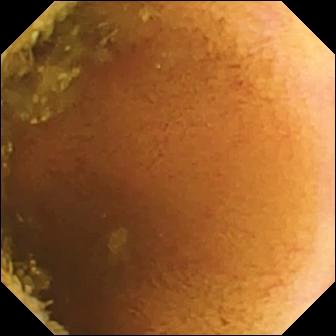{"modality": "WCE", "finding": "normal clean mucosa"}